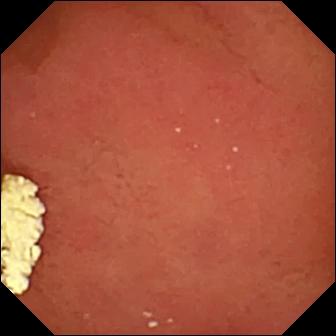Pylorus region (the junction between the stomach and the small bowel) — WCE snapshot.